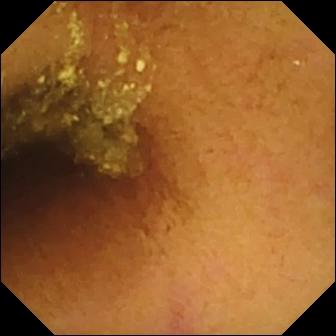Normal clean mucosa.